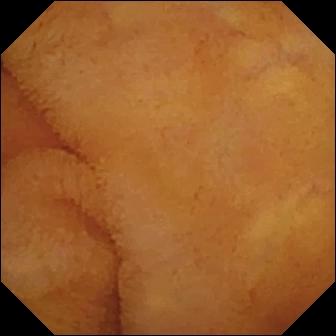- modality: WCE
- segment: small bowel
- finding: normal clean mucosa